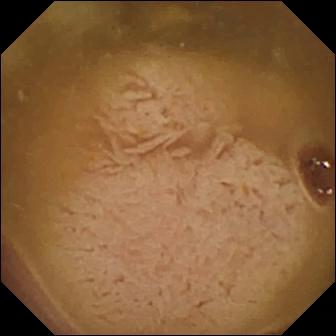Small-bowel capsule endoscopy view, 336×336. Taken in the ileo-cecal valve region.